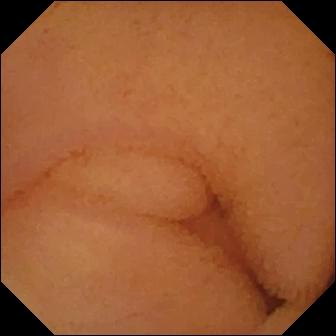{"modality": "capsule endoscopy", "segment": "small intestine", "finding": "normal clean mucosa"}